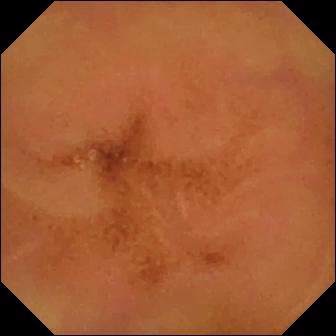- modality: small-bowel capsule endoscopy
- segment: small bowel
- impression: normal clean mucosa